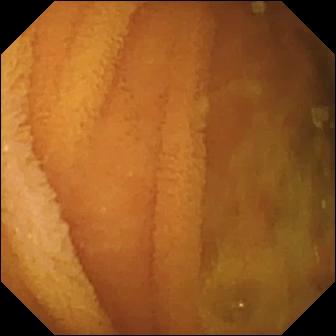This video capsule endoscopy still shows normal clean mucosa.